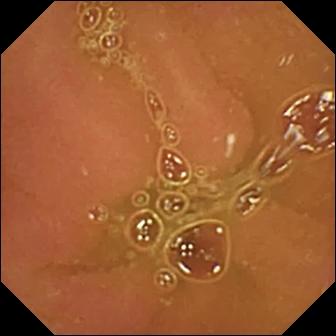PROCEDURE: Wireless capsule endoscopy.
SEGMENT: Small bowel.
FINDINGS: Normal clean mucosa.